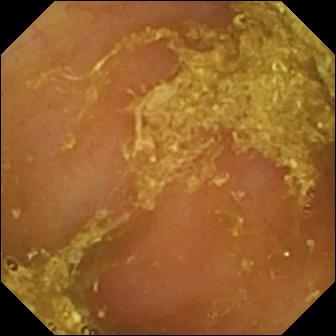modality: capsule endoscopy
impression: reduced mucosal view (content or bubbles obscuring the mucosa)